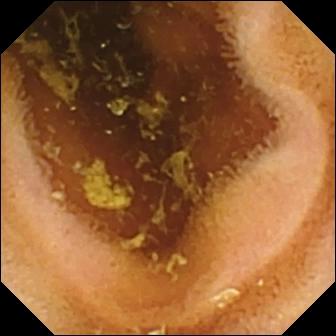{"modality": "capsule endoscopy", "category": "luminal finding", "finding": "normal clean mucosa"}